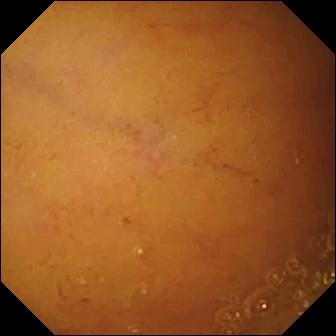Capsule endoscopy — normal clean mucosa.